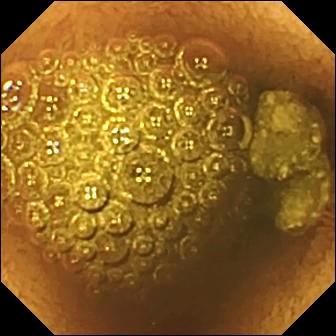- modality: wireless capsule endoscopy
- label: reduced mucosal view (content or bubbles obscuring the mucosa)